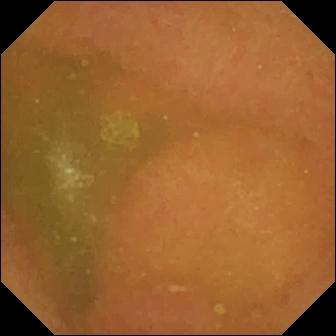Capsule endoscopy snapshot of the small intestine showing normal clean mucosa.